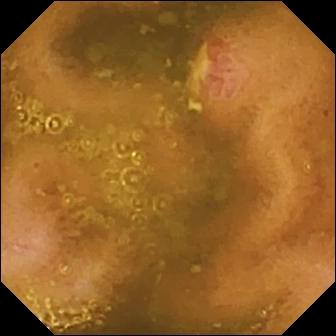This small-bowel capsule endoscopy frame shows ulcer.